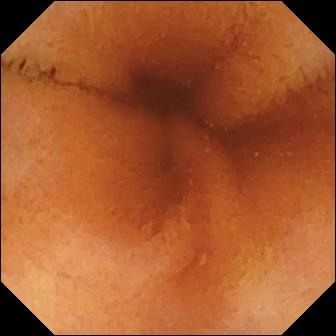VCE image
Impression: normal clean mucosa